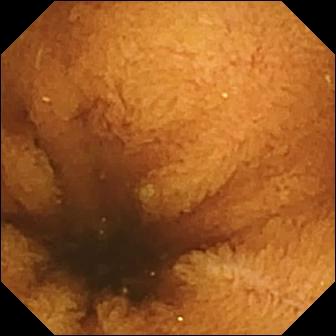Video capsule endoscopy image of the small bowel showing normal clean mucosa.